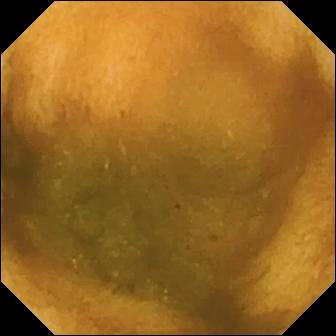{"modality": "capsule endoscopy", "category": "luminal finding", "finding": "normal clean mucosa"}